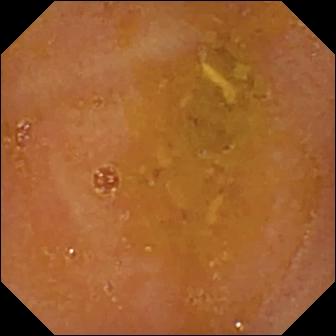{"modality": "WCE", "finding": "reduced mucosal view (content or bubbles obscuring the mucosa)"}